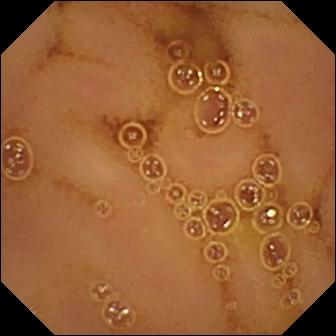modality: wireless capsule endoscopy
finding: normal clean mucosa